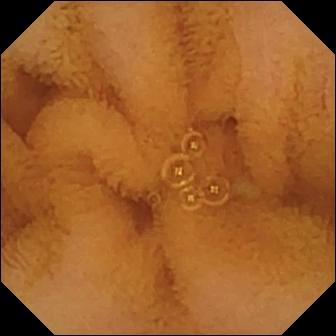{"modality": "capsule endoscopy", "finding": "normal clean mucosa"}